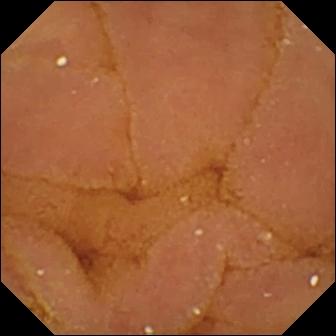Normal clean mucosa.